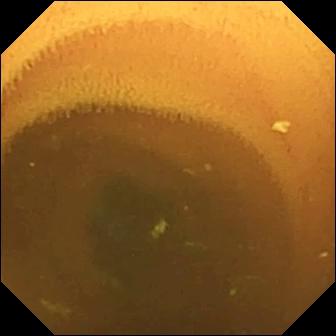WCE image showing normal clean mucosa.